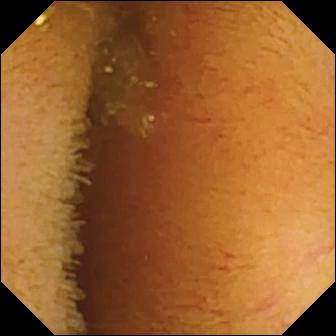Normal clean mucosa — wireless capsule endoscopy view.